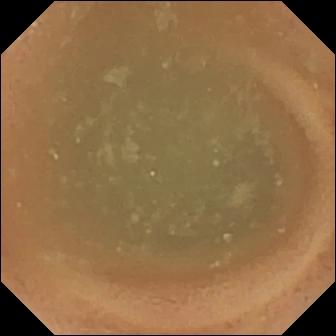Q: What does this WCE still show?
A: Normal clean mucosa.